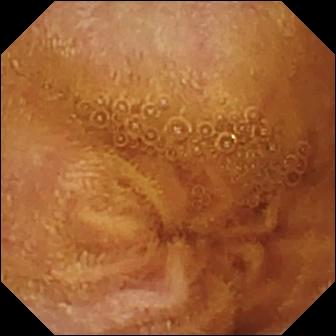This VCE image of the small bowel shows normal clean mucosa.